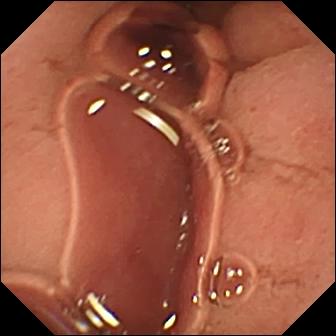Small-bowel capsule endoscopy. Label: pylorus region (where the capsule passes from the stomach into the small bowel).